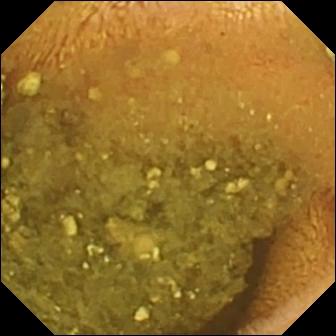modality: WCE | segment: small intestine | finding: reduced mucosal view (content or bubbles obscuring the mucosa)